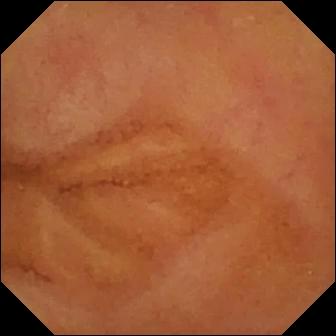Q: What does this VCE frame of the small intestine show?
A: Normal clean mucosa.